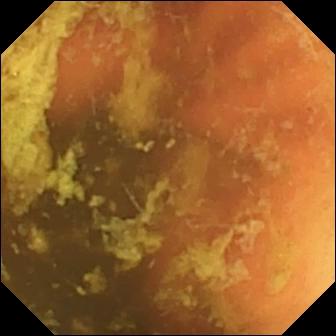- modality: VCE
- category: anatomical landmark
- position: ileo-cecal valve region (the transition from the small bowel to the large bowel)